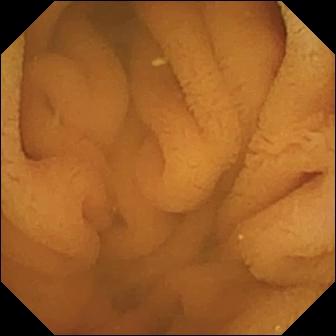Q: What does this WCE view of the small bowel show?
A: Normal clean mucosa.